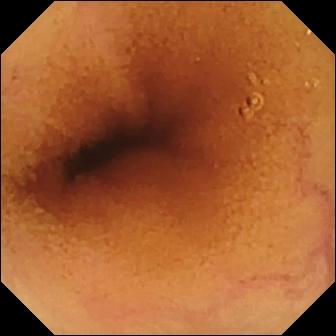{"modality": "VCE", "segment": "small intestine", "category": "luminal finding", "finding": "normal clean mucosa"}